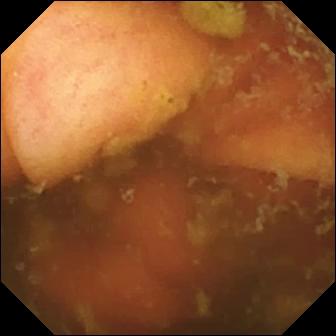VCE still. Taken in the ileo-cecal valve region.